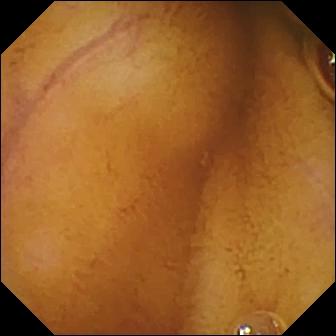Small-bowel capsule endoscopy view of the small intestine showing normal clean mucosa.